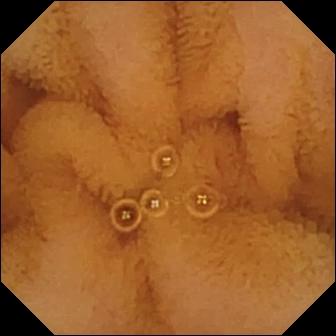This wireless capsule endoscopy view shows normal clean mucosa.